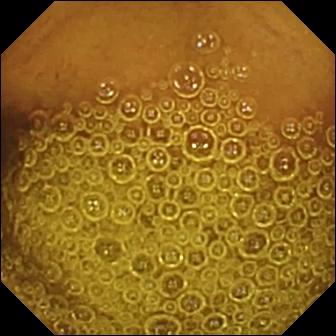PROCEDURE: Wireless capsule endoscopy.
SEGMENT: Small bowel.
FINDINGS: Normal clean mucosa.